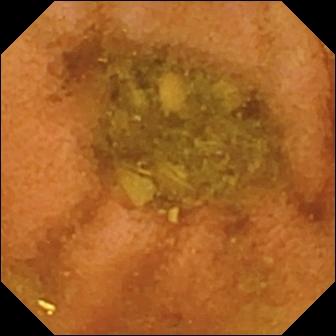PROCEDURE: WCE.
SEGMENT: Small intestine.
FINDINGS: Normal clean mucosa.